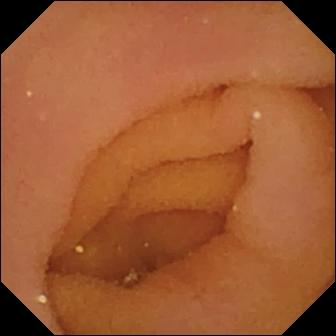Pylorus region (the junction between the stomach and the small bowel) — WCE still.